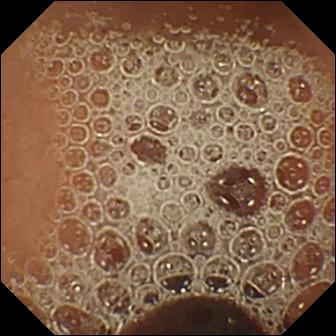VCE frame
Label: normal clean mucosa